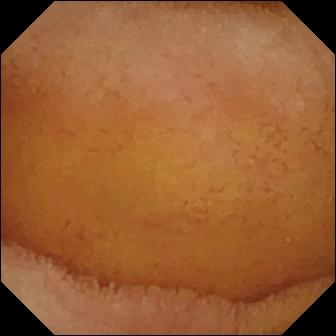modality: VCE; finding: normal clean mucosa